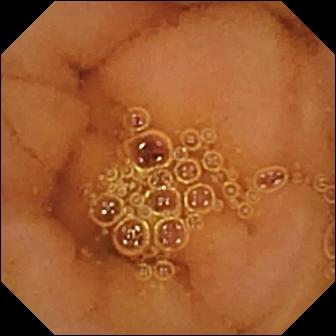{"modality": "capsule endoscopy", "segment": "small bowel", "finding": "normal clean mucosa"}